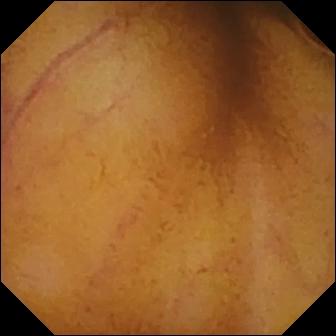PROCEDURE: Small-bowel capsule endoscopy.
SEGMENT: Small bowel.
FINDINGS: Normal clean mucosa.